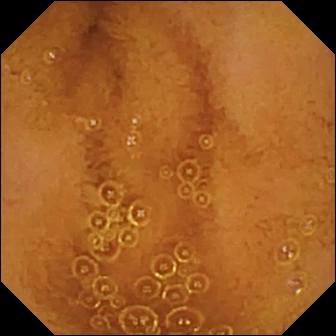This wireless capsule endoscopy frame of the small intestine shows normal clean mucosa.